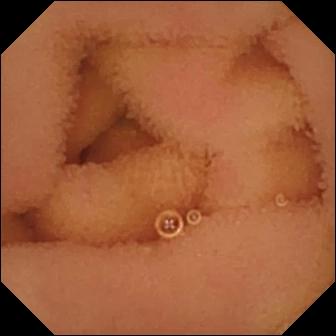Q: What does this wireless capsule endoscopy view of the small bowel show?
A: Normal clean mucosa.